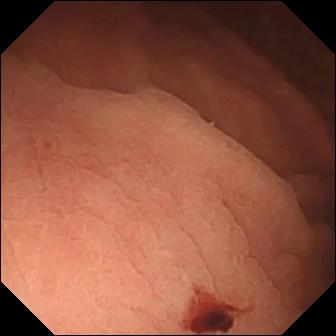modality: WCE
label: angiectasia